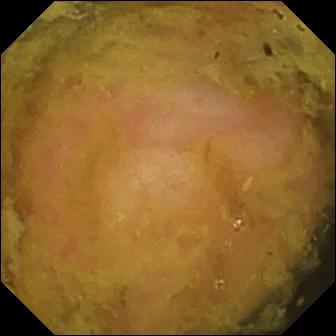Ileo-cecal valve region (the transition from the small bowel to the large bowel) — capsule endoscopy still.